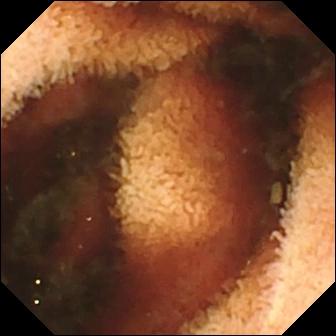Fresh blood in the lumen — video capsule endoscopy snapshot.